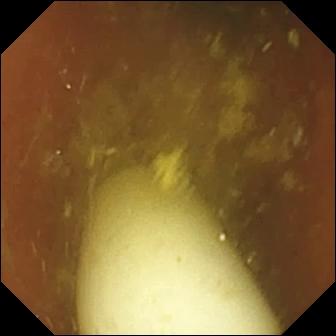{"modality": "small-bowel capsule endoscopy", "finding": "foreign body (e.g. retained capsule, tablet residue)"}